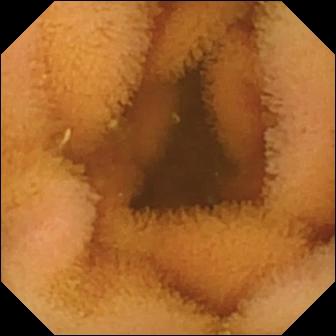VCE still of the small bowel showing normal clean mucosa.